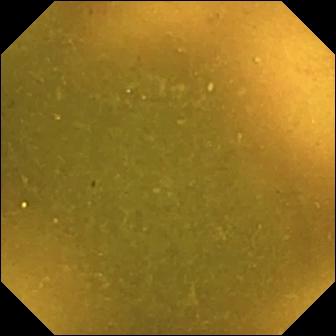Wireless capsule endoscopy still taken in the ileo-cecal valve region (the transition from the small bowel to the large bowel).